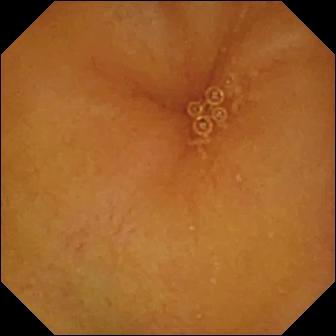- modality: VCE
- segment: small intestine
- impression: normal clean mucosa